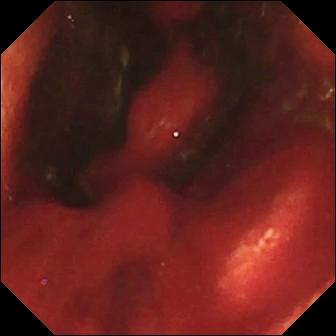Small-bowel capsule endoscopy. Finding: fresh blood in the lumen.